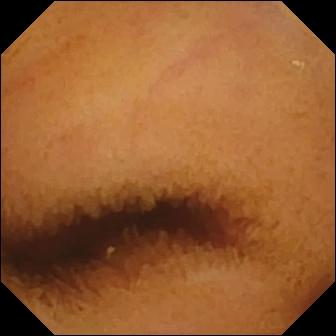Normal clean mucosa — VCE frame of the small bowel.